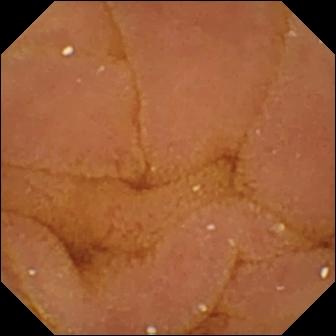Normal clean mucosa — WCE image of the small intestine.